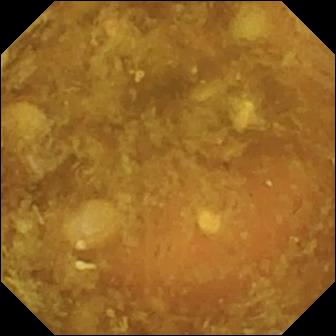modality: small-bowel capsule endoscopy; finding: reduced mucosal view (content or bubbles obscuring the mucosa)